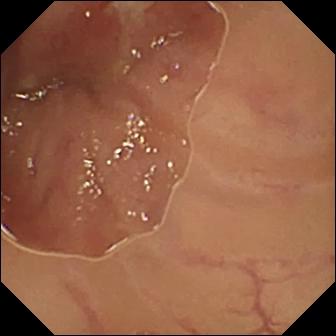Q: What does this wireless capsule endoscopy view show?
A: Ulcer.